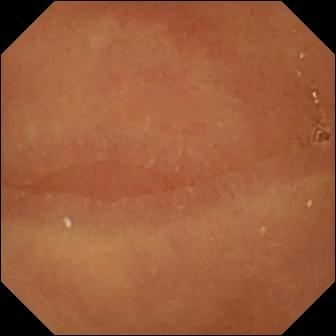This VCE image of the small bowel shows normal clean mucosa.